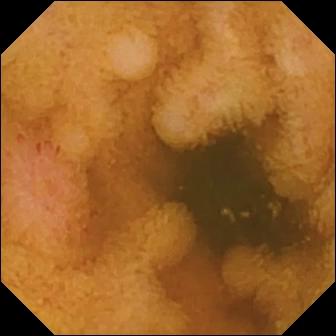VCE. Finding: erosion.